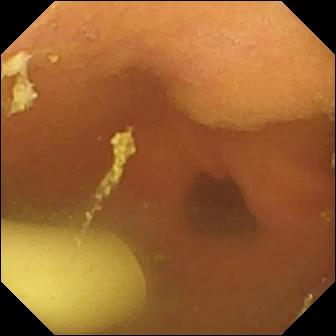Q: What does this wireless capsule endoscopy image show?
A: Foreign body (e.g. retained capsule, tablet residue).